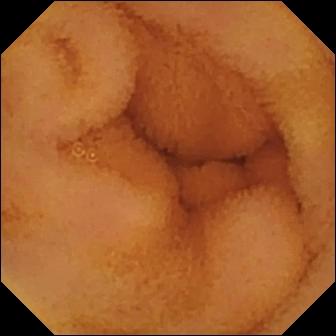Capsule endoscopy still showing normal clean mucosa.